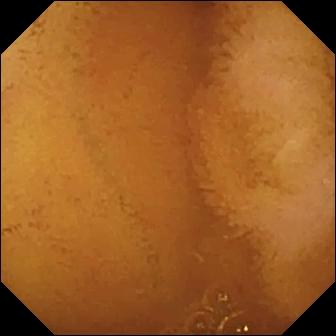WCE snapshot showing normal clean mucosa.